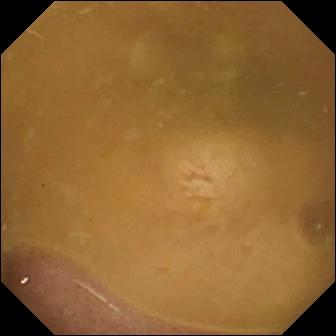Small-bowel capsule endoscopy — ileo-cecal valve region.